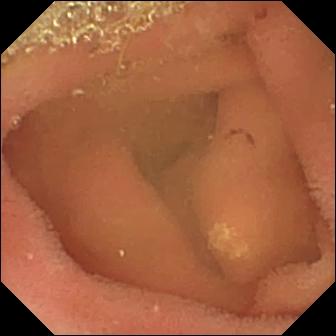Capsule endoscopy — lymphangiectasia.